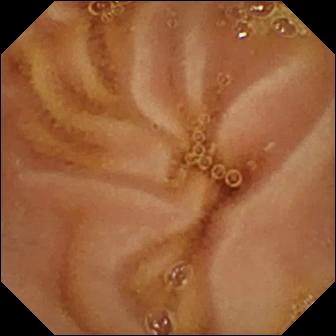This wireless capsule endoscopy frame of the small intestine shows normal clean mucosa.